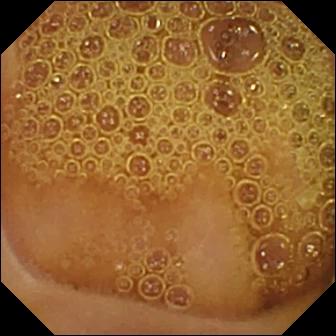VCE. Small intestine. Observation: normal clean mucosa.